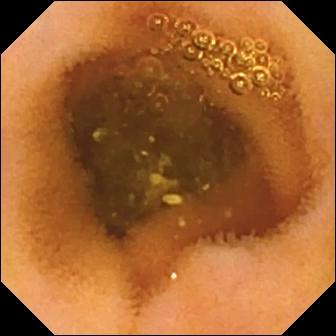VCE — normal clean mucosa.